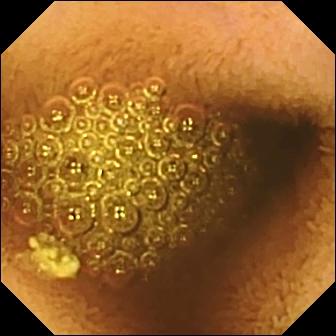- modality: VCE
- label: reduced mucosal view (content or bubbles obscuring the mucosa)